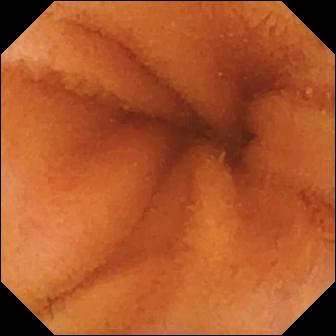Capsule endoscopy — normal clean mucosa.